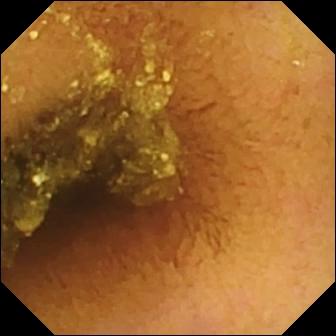This small-bowel capsule endoscopy frame shows normal clean mucosa.